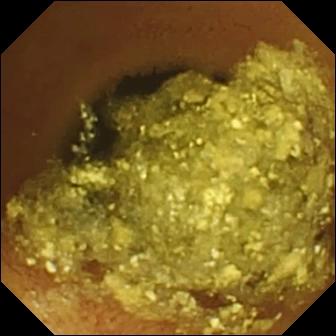VCE view. Normal clean mucosa.